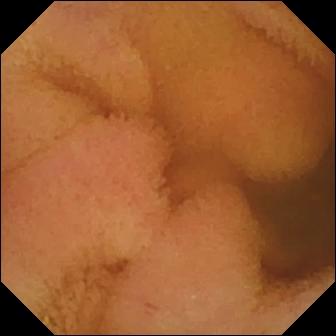Normal clean mucosa — wireless capsule endoscopy image of the small intestine.